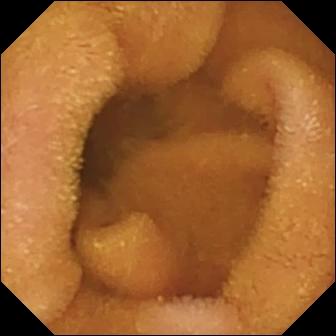Q: What does this video capsule endoscopy image of the small intestine show?
A: Normal clean mucosa.